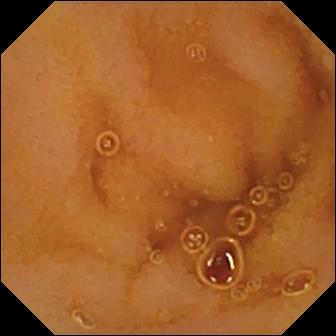Capsule endoscopy — normal clean mucosa.